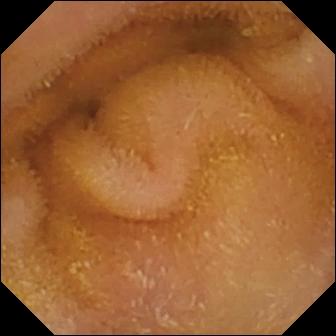Normal clean mucosa — small-bowel capsule endoscopy snapshot.